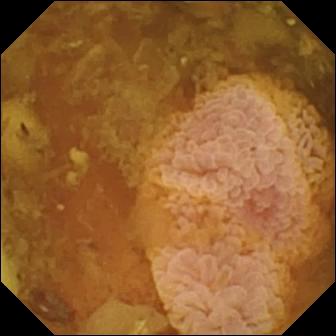Small-bowel capsule endoscopy. Finding: reduced mucosal view (content or bubbles obscuring the mucosa).